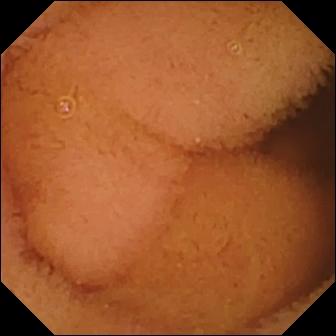- modality: wireless capsule endoscopy
- category: luminal finding
- finding: normal clean mucosa